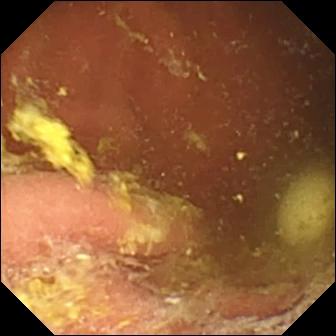modality: video capsule endoscopy | impression: foreign body (e.g. retained capsule, tablet residue)